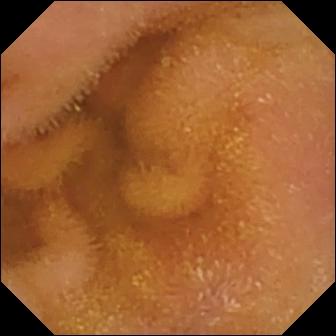This VCE still shows normal clean mucosa.